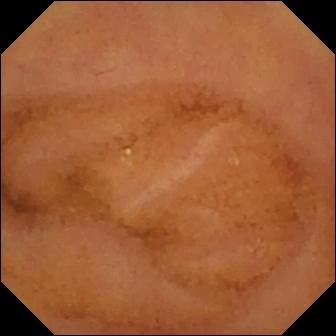Q: What does this small-bowel capsule endoscopy snapshot of the small bowel show?
A: Normal clean mucosa.